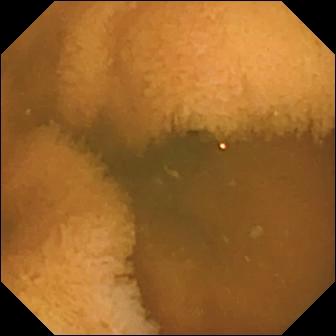Normal clean mucosa.